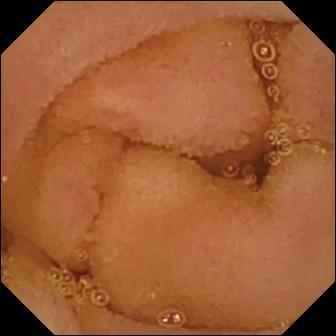Normal clean mucosa — video capsule endoscopy image.